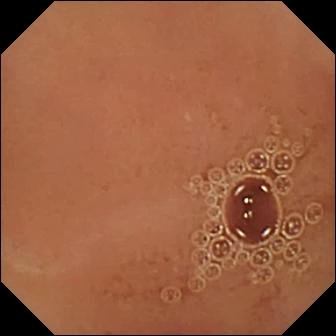- modality: wireless capsule endoscopy
- category: luminal finding
- observation: normal clean mucosa